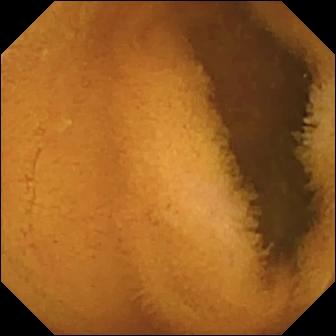{"modality": "wireless capsule endoscopy", "segment": "small bowel", "category": "luminal finding", "finding": "normal clean mucosa"}